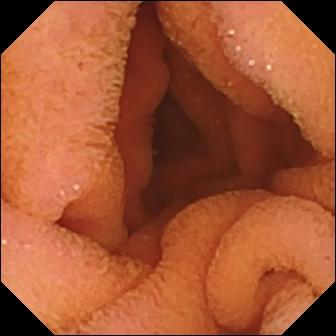This wireless capsule endoscopy snapshot shows normal clean mucosa.